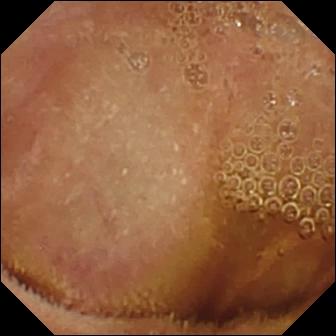Video capsule endoscopy. Finding: normal clean mucosa.